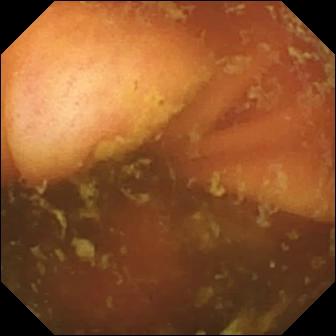VCE view. Taken in the ileo-cecal valve region (the transition from the small bowel to the large bowel).